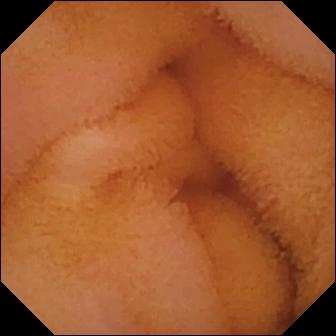Capsule endoscopy — normal clean mucosa.